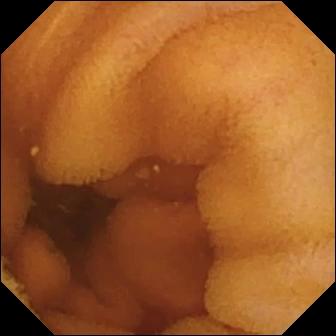PROCEDURE: Capsule endoscopy.
SEGMENT: Small intestine.
FINDINGS: Normal clean mucosa.